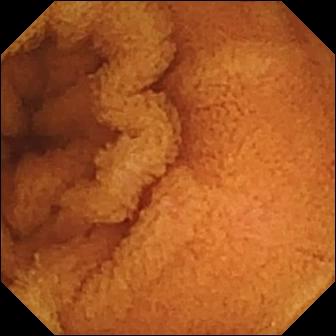This WCE snapshot of the small intestine shows normal clean mucosa.